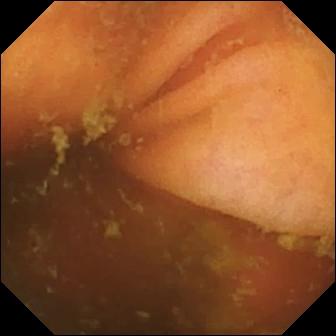WCE frame
Position: ileo-cecal valve region (where the capsule passes from the small bowel into the large bowel)